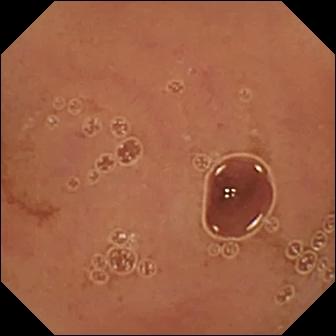Small-bowel capsule endoscopy view of the small bowel showing normal clean mucosa.